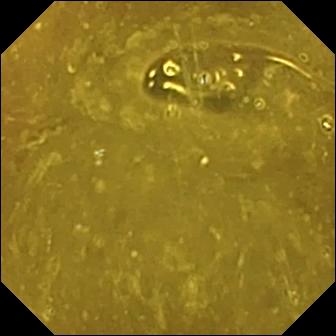This WCE still was taken in the ileo-cecal valve region (where the capsule passes from the small bowel into the large bowel).